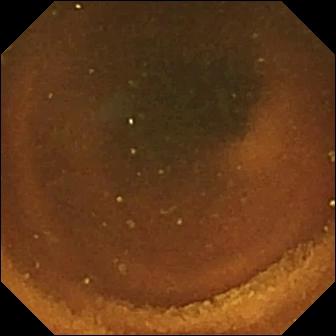PROCEDURE: VCE.
SEGMENT: Small intestine.
FINDINGS: Normal clean mucosa.